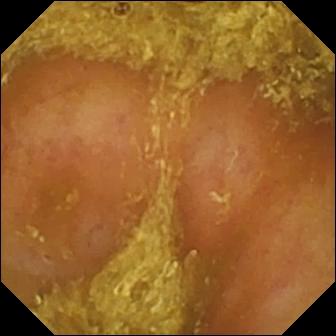This VCE image of the small intestine shows reduced mucosal view (content or bubbles obscuring the mucosa).